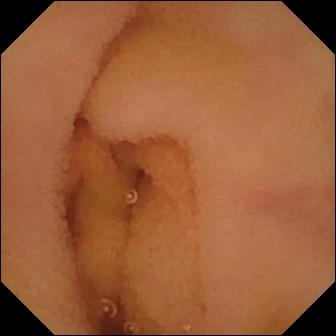WCE. Finding: normal clean mucosa.